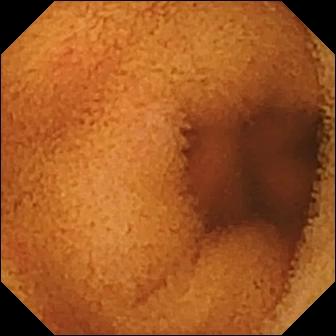modality: VCE; finding: normal clean mucosa